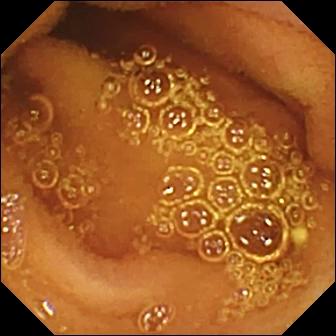modality: small-bowel capsule endoscopy
impression: normal clean mucosa